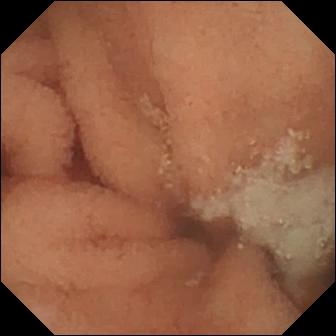modality: VCE
impression: normal clean mucosa